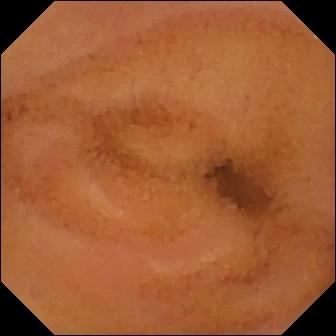Small-bowel capsule endoscopy. Small intestine. Label: normal clean mucosa.